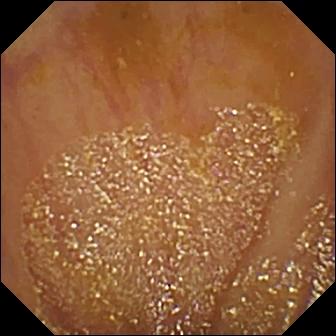Q: Where in the digestive tract was this VCE frame taken?
A: Ileo-cecal valve region (the transition from the small bowel to the large bowel).